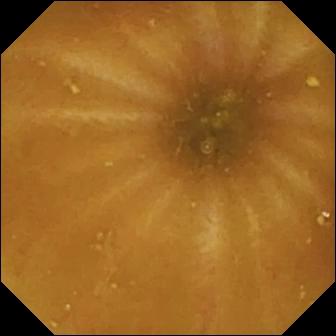Q: Where in the digestive tract was this VCE snapshot taken?
A: Ileo-cecal valve region.